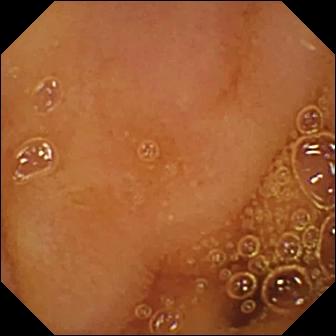- modality: small-bowel capsule endoscopy
- label: normal clean mucosa